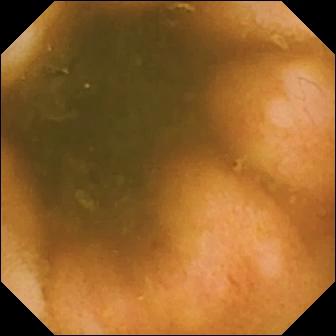Ileo-cecal valve region (the transition from the small bowel to the large bowel) — WCE view.